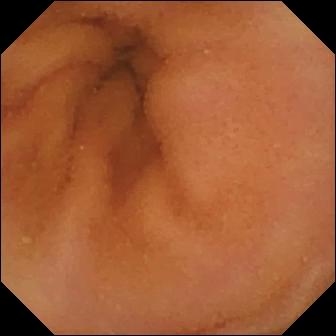PROCEDURE: VCE.
SEGMENT: Small bowel.
FINDINGS: Normal clean mucosa.